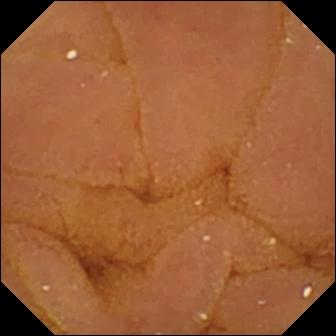Normal clean mucosa — wireless capsule endoscopy still of the small bowel.